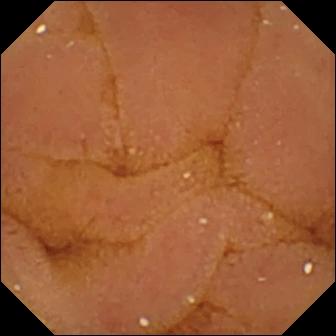{"modality": "capsule endoscopy", "segment": "small intestine", "finding": "normal clean mucosa"}